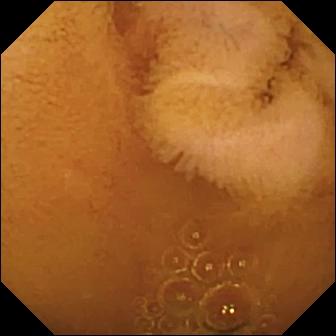WCE still (small bowel). Normal clean mucosa.